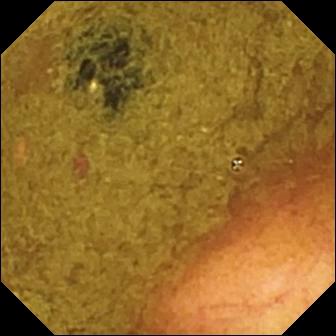{"modality": "small-bowel capsule endoscopy", "position": "ileo-cecal valve region (the transition from the small bowel to the large bowel)"}